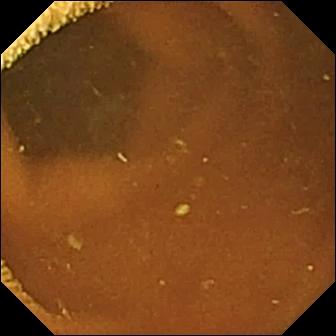WCE frame of the small intestine showing normal clean mucosa.